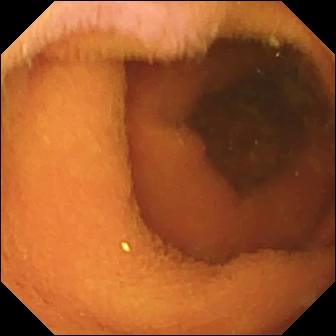modality: wireless capsule endoscopy
segment: small intestine
finding: normal clean mucosa